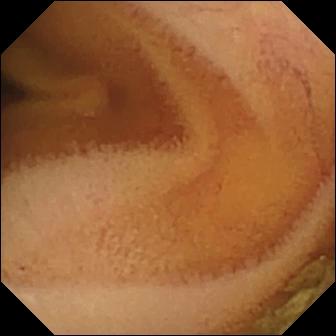Small-bowel capsule endoscopy image of the small bowel showing normal clean mucosa.